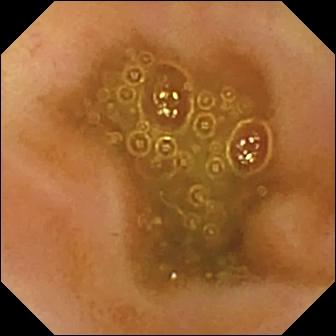- modality: video capsule endoscopy
- location: ileo-cecal valve region (the transition from the small bowel to the large bowel)